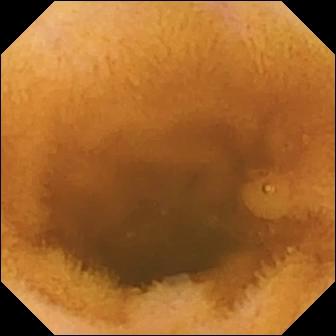Normal clean mucosa (336×336).